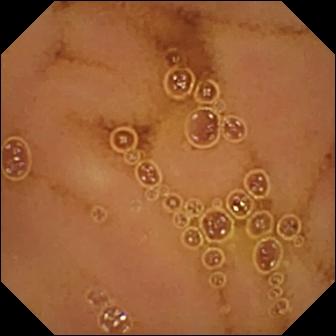- modality: capsule endoscopy
- segment: small intestine
- impression: normal clean mucosa